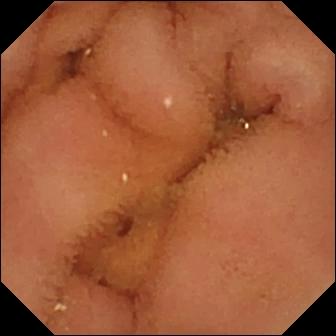Small-bowel capsule endoscopy still (small intestine). Normal clean mucosa.